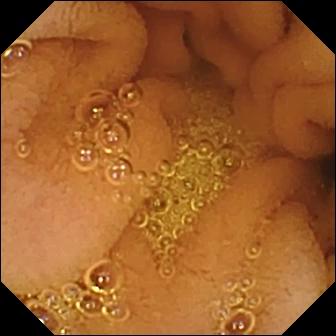Video capsule endoscopy — normal clean mucosa.